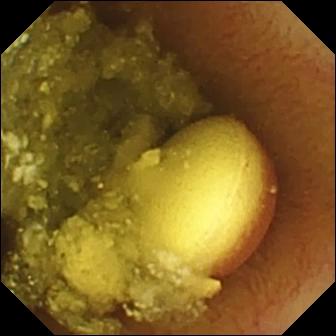WCE — foreign body (e.g. retained capsule, tablet residue).